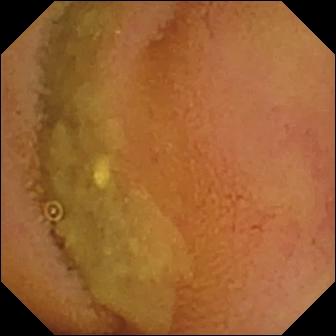modality: capsule endoscopy | segment: small bowel | label: normal clean mucosa